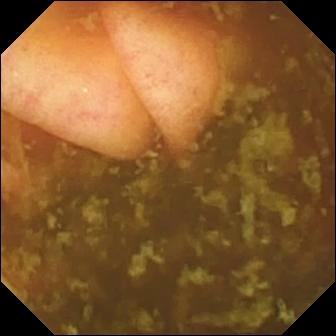PROCEDURE: Video capsule endoscopy.
POSITION: Ileo-cecal valve region.